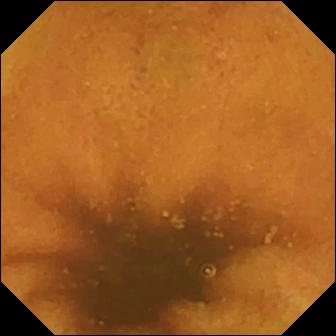Normal clean mucosa.